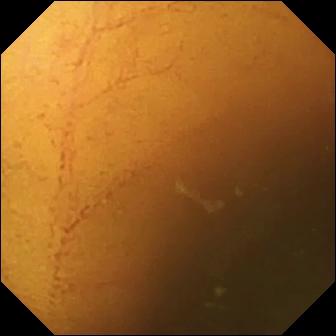Capsule endoscopy frame (small intestine), 336×336. Normal clean mucosa.